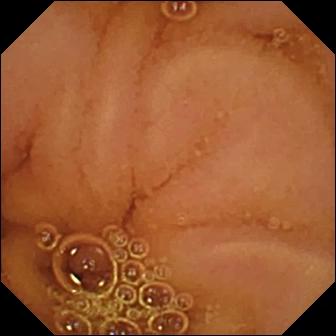This VCE still of the small intestine shows normal clean mucosa.